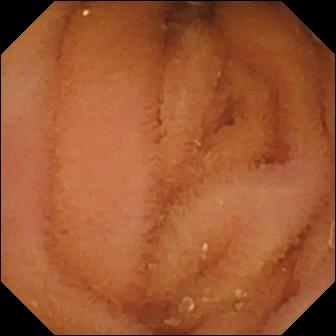This small-bowel capsule endoscopy frame shows normal clean mucosa.